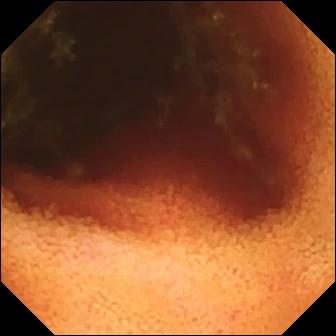WCE — ileo-cecal valve region (where the capsule passes from the small bowel into the large bowel).